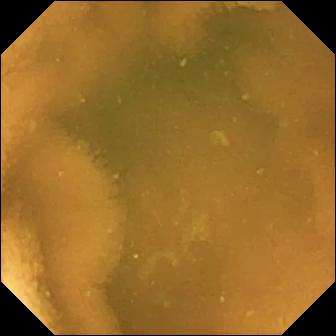VCE. Small intestine. Impression: normal clean mucosa.